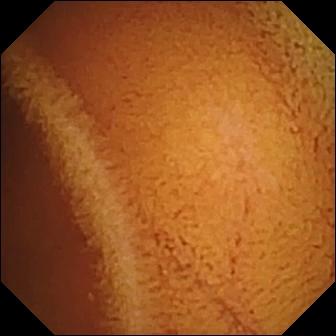Wireless capsule endoscopy snapshot of the small bowel showing normal clean mucosa.